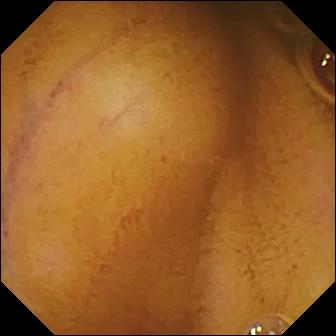WCE frame, small intestine
Label: normal clean mucosa